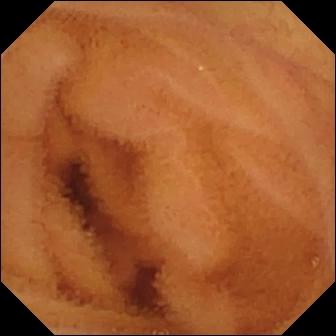- modality: VCE
- segment: small intestine
- category: luminal finding
- label: normal clean mucosa